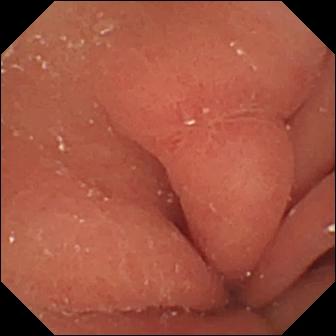modality: video capsule endoscopy; impression: erosion